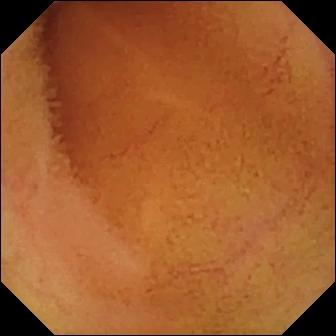- modality: VCE
- impression: normal clean mucosa